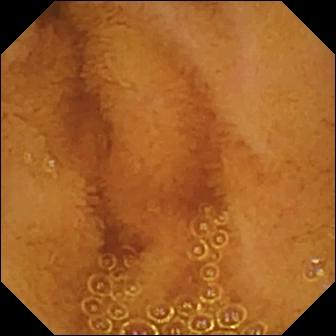This wireless capsule endoscopy frame of the small intestine shows normal clean mucosa.